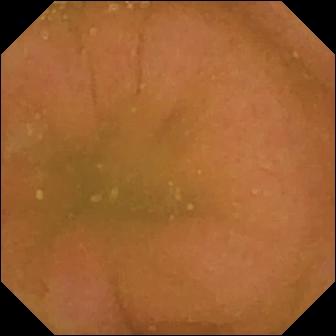Small-bowel capsule endoscopy snapshot, small intestine
Label: normal clean mucosa